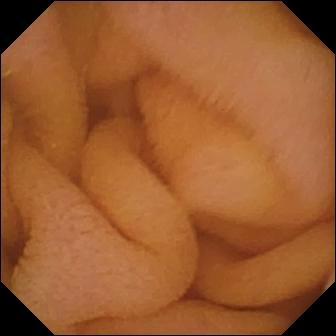This video capsule endoscopy still shows normal clean mucosa.